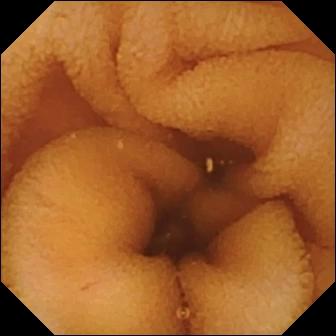Wireless capsule endoscopy snapshot of the small intestine showing normal clean mucosa.